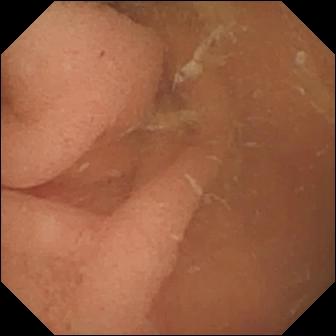Normal clean mucosa.